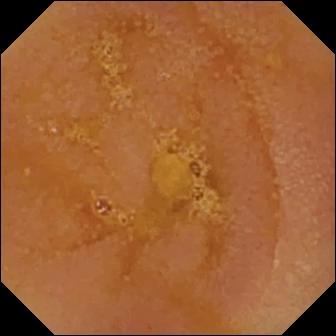WCE. Small bowel. Luminal finding. Impression: reduced mucosal view (content or bubbles obscuring the mucosa).